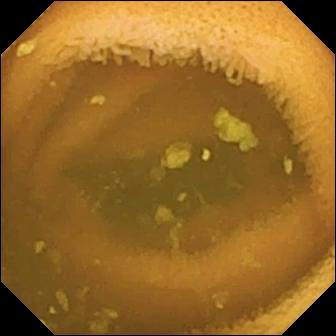WCE view showing normal clean mucosa.